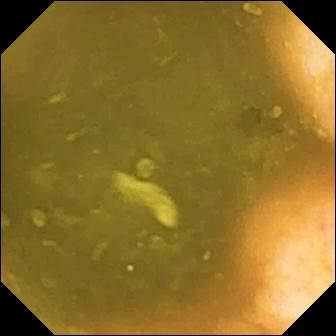Video capsule endoscopy still taken in the ileo-cecal valve region (where the capsule passes from the small bowel into the large bowel).